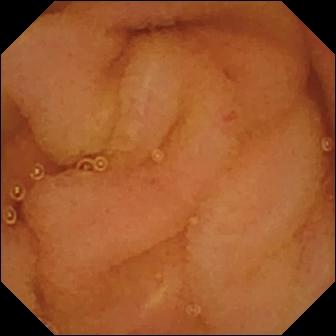Video capsule endoscopy frame. Normal clean mucosa.